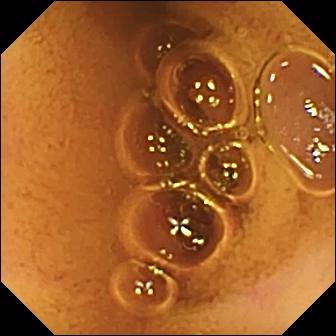Capsule endoscopy view (small intestine), 336×336. Normal clean mucosa.